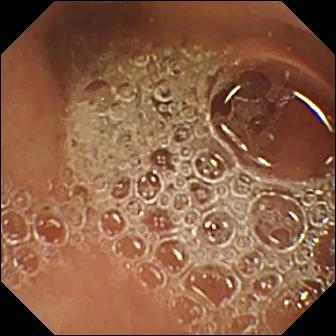modality: VCE
impression: normal clean mucosa